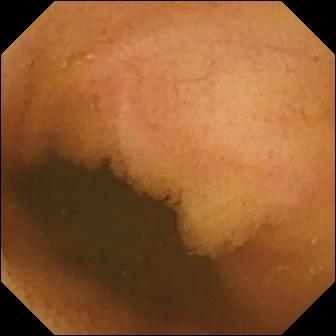- modality: video capsule endoscopy
- impression: normal clean mucosa